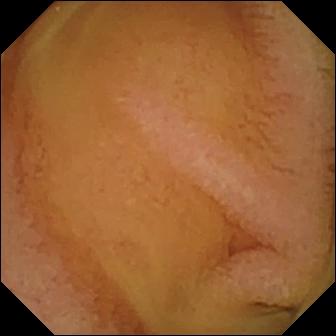PROCEDURE: Video capsule endoscopy.
SEGMENT: Small intestine.
FINDINGS: Normal clean mucosa.